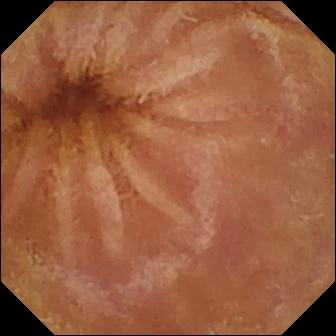WCE. Small bowel. Luminal finding. Finding: normal clean mucosa.